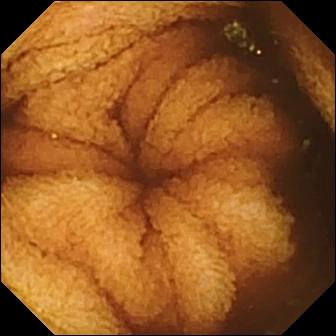Capsule endoscopy snapshot of the small intestine showing normal clean mucosa.